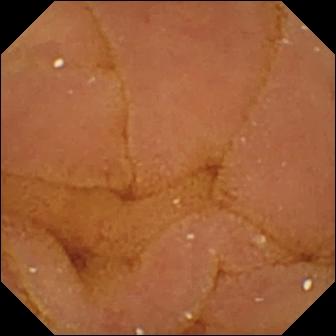modality: video capsule endoscopy
segment: small bowel
category: luminal finding
finding: normal clean mucosa